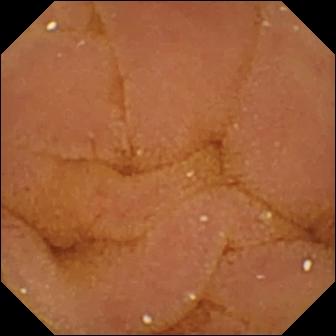This small-bowel capsule endoscopy snapshot shows normal clean mucosa.